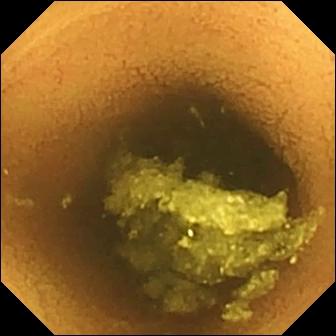- modality: wireless capsule endoscopy
- category: luminal finding
- impression: normal clean mucosa